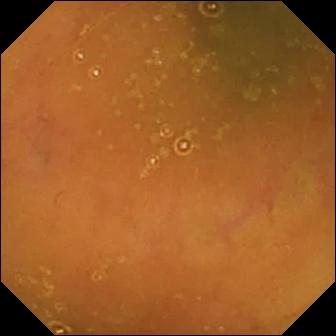Wireless capsule endoscopy image
Location: ileo-cecal valve region (where the capsule passes from the small bowel into the large bowel)